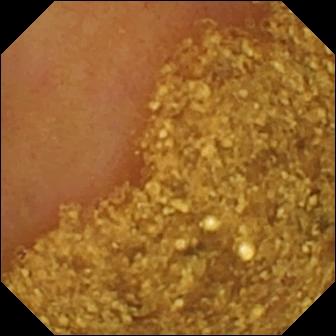PROCEDURE: VCE.
LOCATION: Ileo-cecal valve region.